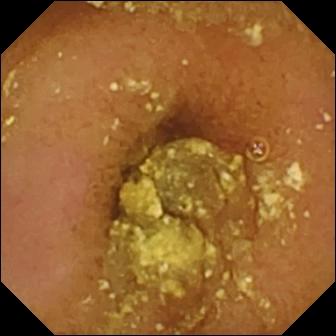Q: What does this WCE still of the small bowel show?
A: Normal clean mucosa.